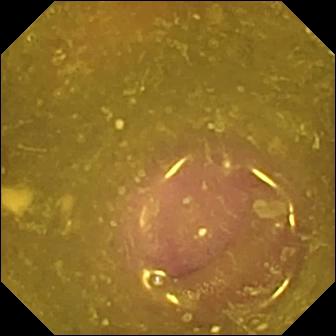Reduced mucosal view (content or bubbles obscuring the mucosa) — video capsule endoscopy snapshot of the small intestine.